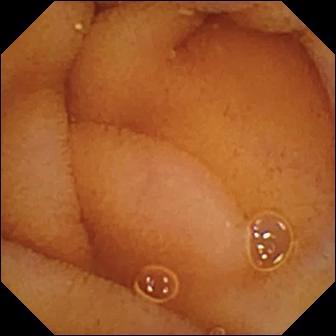Normal clean mucosa (336×336).